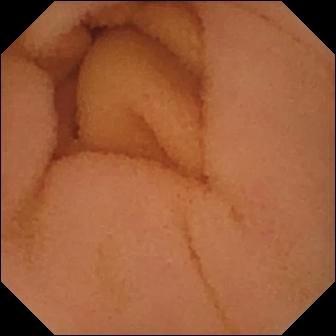{"modality": "small-bowel capsule endoscopy", "segment": "small bowel", "category": "luminal finding", "finding": "normal clean mucosa"}